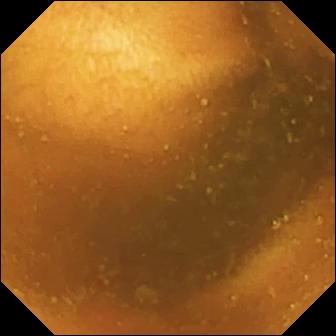- modality: VCE
- segment: small intestine
- category: luminal finding
- observation: normal clean mucosa